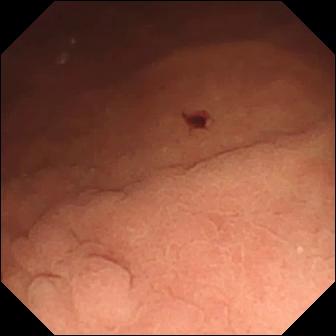Capsule endoscopy snapshot. Angiectasia.